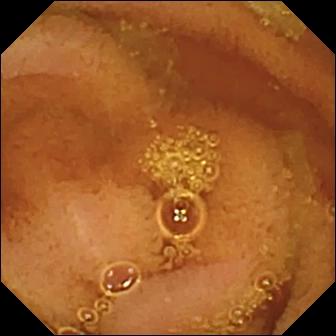WCE — normal clean mucosa.